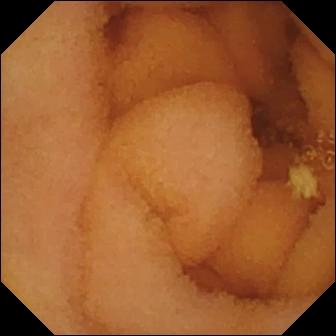This capsule endoscopy snapshot shows normal clean mucosa.